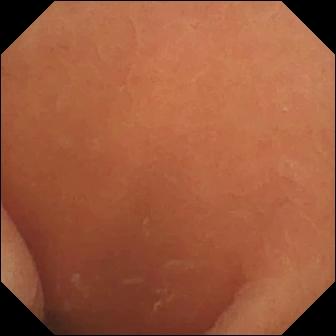Capsule endoscopy — normal clean mucosa.